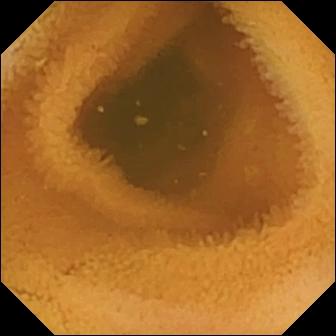Capsule endoscopy. Label: normal clean mucosa.